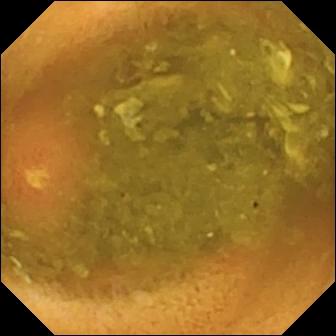- modality: small-bowel capsule endoscopy
- impression: ulcer